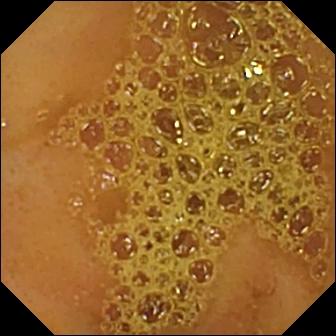This VCE frame was taken in the ileo-cecal valve region (the transition from the small bowel to the large bowel).